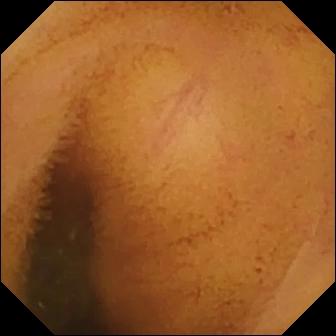Normal clean mucosa — wireless capsule endoscopy frame of the small intestine.